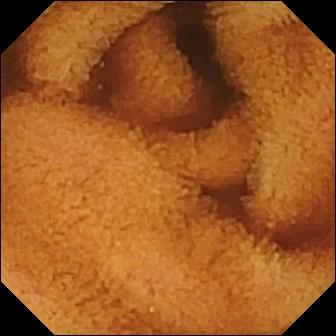This wireless capsule endoscopy frame shows normal clean mucosa.